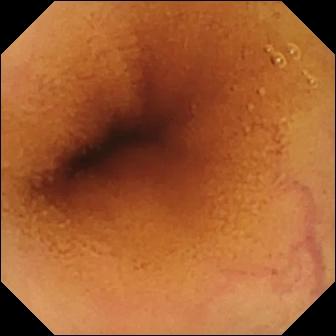{"modality": "WCE", "segment": "small bowel", "finding": "normal clean mucosa"}